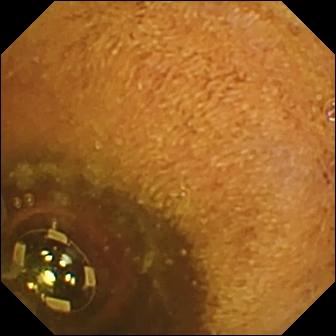WCE — foreign body (e.g. retained capsule, tablet residue).